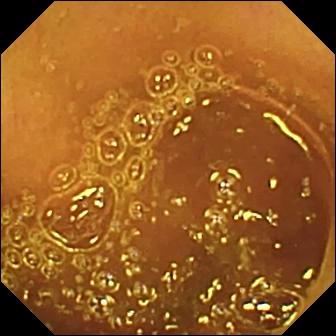This small-bowel capsule endoscopy still shows normal clean mucosa.